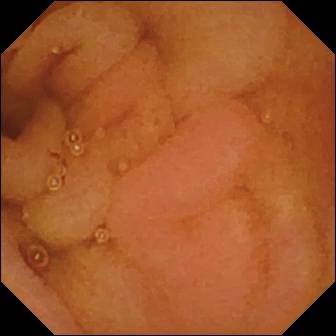Wireless capsule endoscopy image, small intestine
Impression: normal clean mucosa